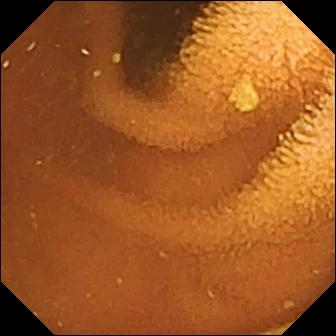Q: What does this small-bowel capsule endoscopy image of the small intestine show?
A: Normal clean mucosa.